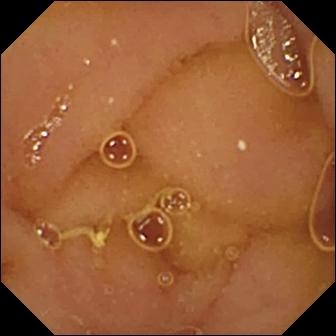Q: What does this wireless capsule endoscopy frame of the small intestine show?
A: Normal clean mucosa.